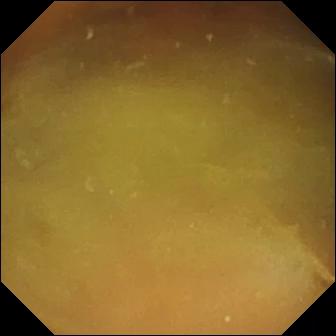PROCEDURE: Small-bowel capsule endoscopy.
FINDINGS: Normal clean mucosa.